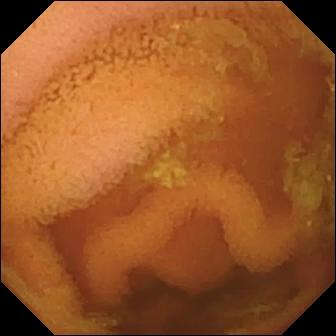- modality: capsule endoscopy
- segment: small bowel
- impression: normal clean mucosa